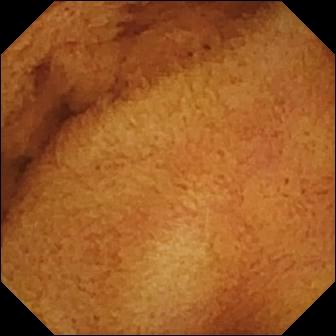WCE view
Observation: normal clean mucosa